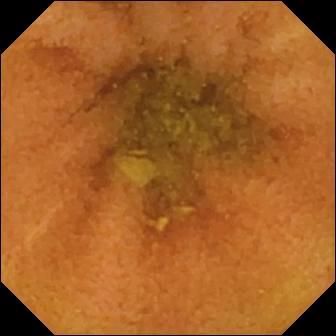Video capsule endoscopy snapshot. Normal clean mucosa.